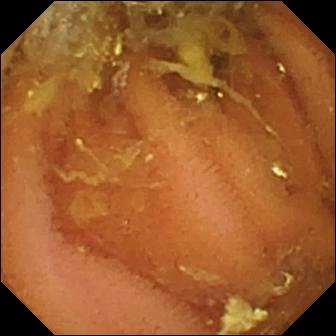{"modality": "wireless capsule endoscopy", "segment": "small bowel", "finding": "normal clean mucosa"}